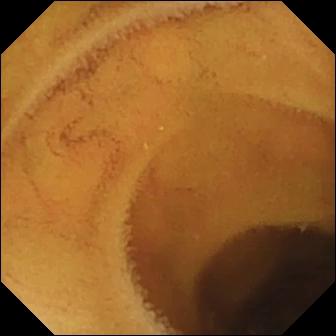Small-bowel capsule endoscopy. Small bowel. Luminal finding. Finding: normal clean mucosa.